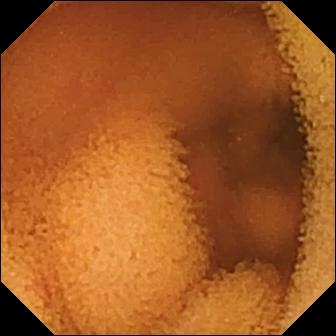{"modality": "VCE", "segment": "small intestine", "finding": "normal clean mucosa"}